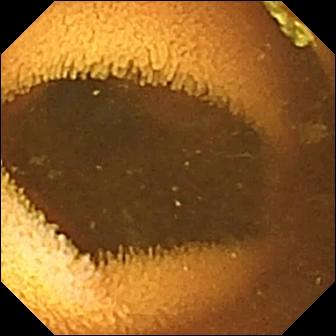WCE view. Normal clean mucosa.